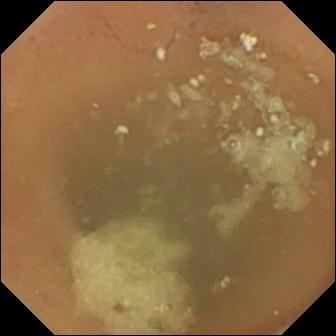modality: capsule endoscopy
segment: small bowel
category: luminal finding
finding: normal clean mucosa